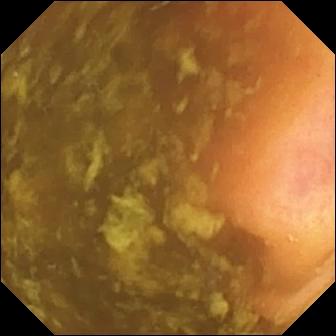Q: Where in the digestive tract was this VCE view taken?
A: Ileo-cecal valve region (the transition from the small bowel to the large bowel).